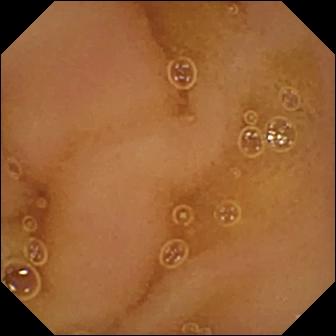- modality: wireless capsule endoscopy
- segment: small intestine
- finding: normal clean mucosa